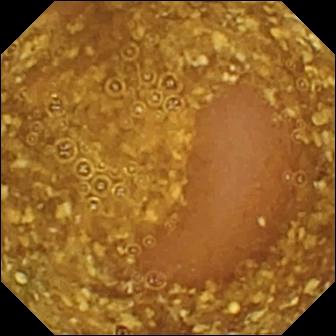PROCEDURE: WCE.
FINDINGS: Reduced mucosal view (content or bubbles obscuring the mucosa).